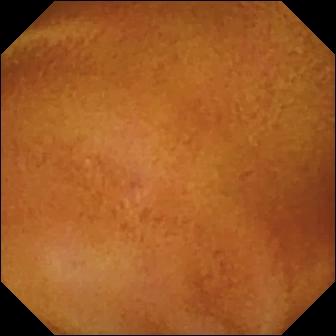Q: What does this video capsule endoscopy image show?
A: Normal clean mucosa.